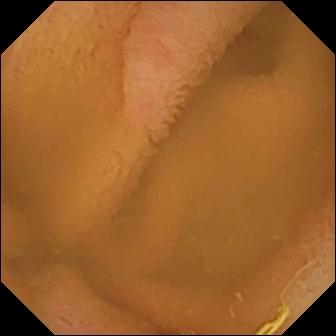modality: WCE; impression: normal clean mucosa